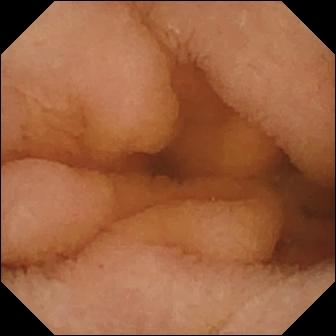Small-bowel capsule endoscopy snapshot. Normal clean mucosa.